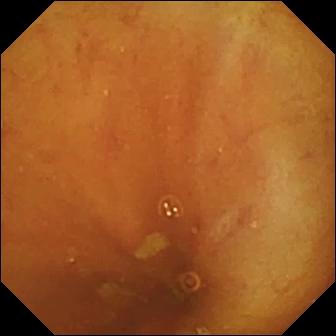{"modality": "small-bowel capsule endoscopy", "location": "ileo-cecal valve region (where the capsule passes from the small bowel into the large bowel)"}